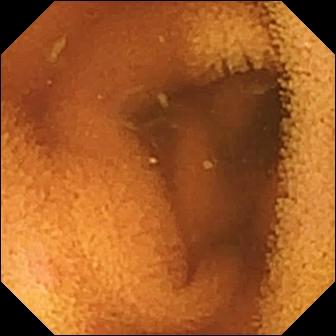Normal clean mucosa — VCE image.